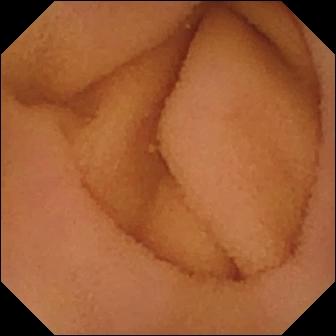Capsule endoscopy. Small bowel. Finding: normal clean mucosa.